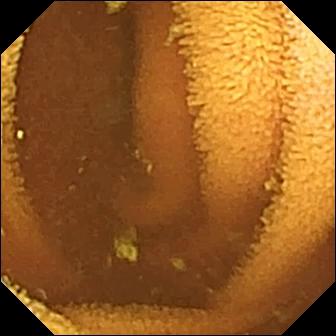PROCEDURE: Capsule endoscopy.
FINDINGS: Normal clean mucosa.